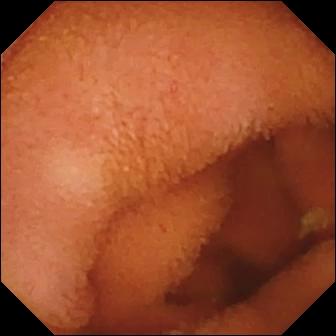VCE still, 336×336. Normal clean mucosa.